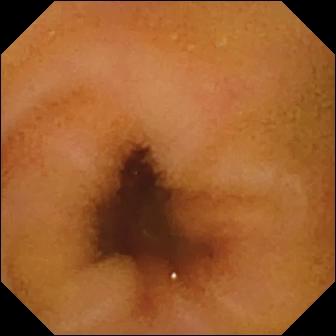modality: video capsule endoscopy; observation: normal clean mucosa